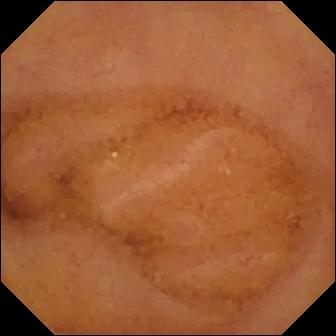Normal clean mucosa — wireless capsule endoscopy still of the small bowel.